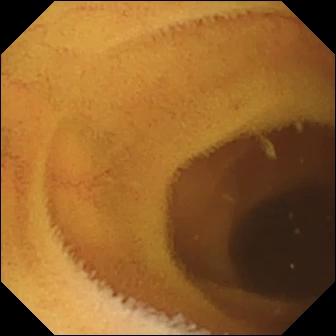Capsule endoscopy frame. Normal clean mucosa.